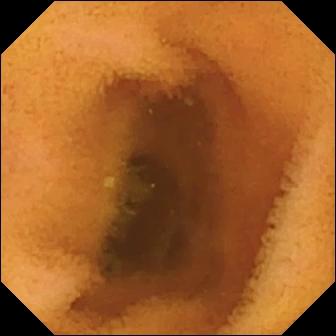Normal clean mucosa — video capsule endoscopy snapshot of the small intestine.